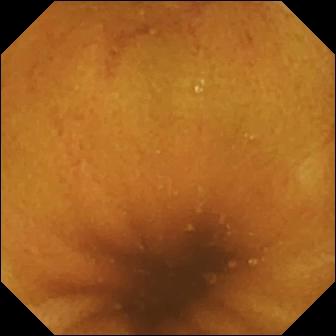modality: video capsule endoscopy
label: normal clean mucosa